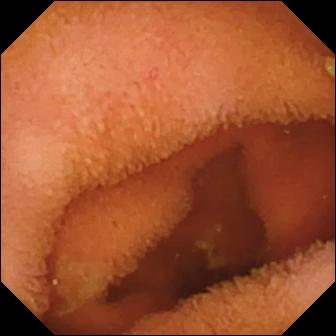{"modality": "small-bowel capsule endoscopy", "finding": "normal clean mucosa"}